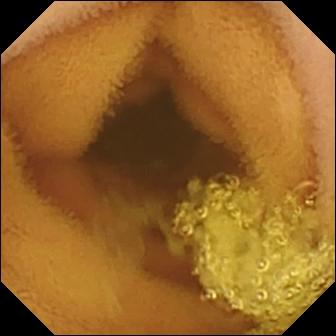WCE view, small intestine
Observation: normal clean mucosa